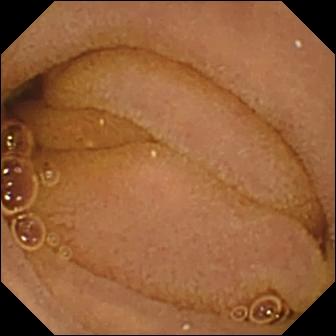- modality: capsule endoscopy
- segment: small intestine
- impression: normal clean mucosa